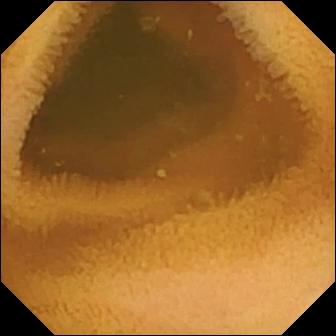PROCEDURE: VCE.
FINDINGS: Normal clean mucosa.